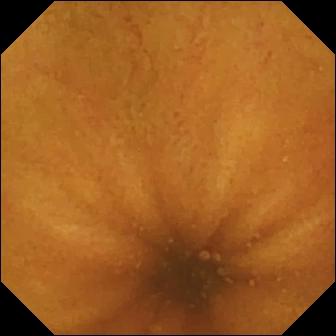This capsule endoscopy frame of the small bowel shows normal clean mucosa.